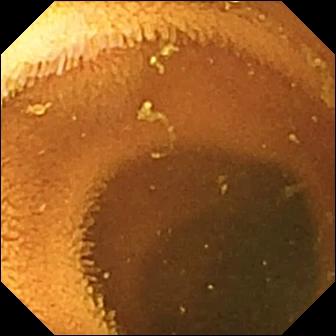Normal clean mucosa — VCE image of the small intestine.